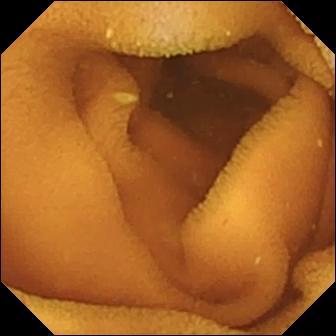Small-bowel capsule endoscopy still, small bowel
Impression: normal clean mucosa